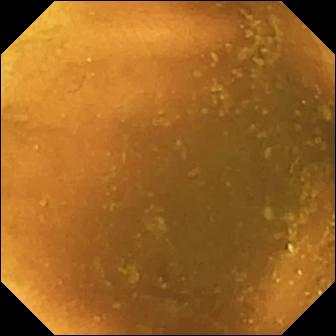WCE image of the small intestine showing normal clean mucosa.